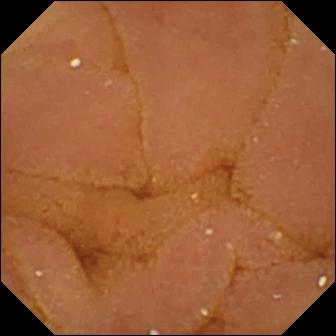Q: What does this wireless capsule endoscopy image show?
A: Normal clean mucosa.